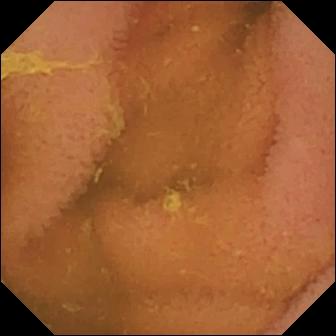Normal clean mucosa.